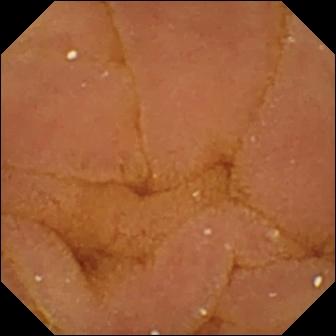modality: WCE; segment: small bowel; finding: normal clean mucosa